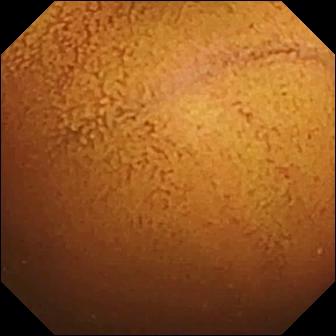Normal clean mucosa — WCE snapshot.